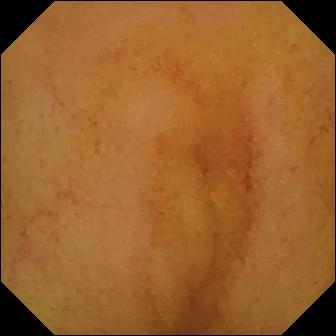Capsule endoscopy still showing normal clean mucosa.